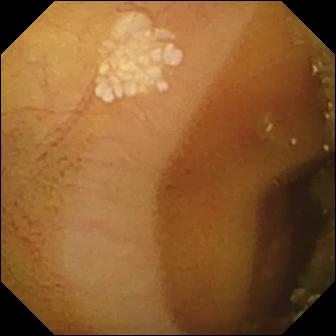Lymphangiectasia — VCE snapshot.